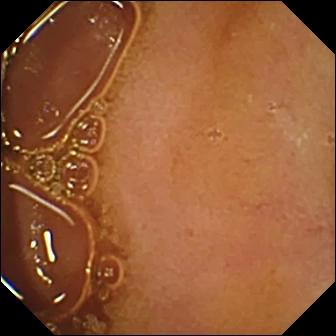Normal clean mucosa — VCE view.